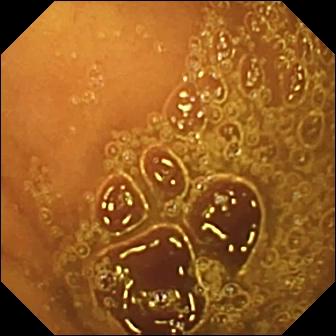modality: WCE | segment: small bowel | category: luminal finding | impression: normal clean mucosa